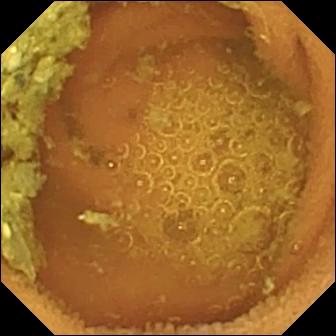Capsule endoscopy. Finding: normal clean mucosa.